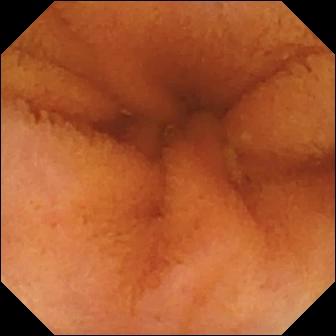Q: What does this video capsule endoscopy still show?
A: Normal clean mucosa.